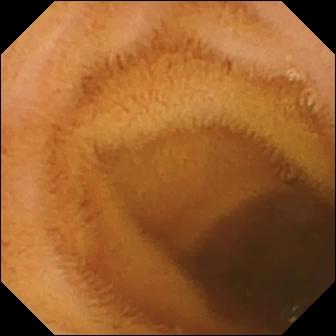This small-bowel capsule endoscopy frame of the small intestine shows normal clean mucosa.